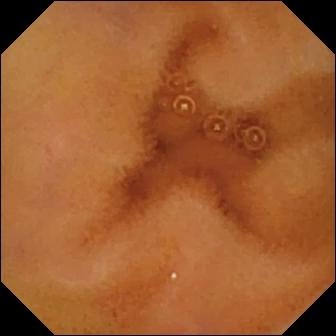PROCEDURE: WCE.
FINDINGS: Normal clean mucosa.